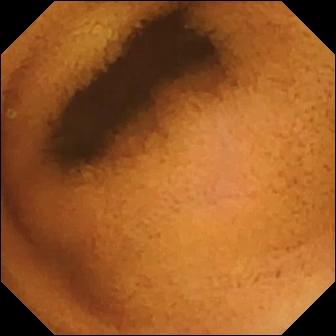Q: What does this capsule endoscopy still show?
A: Normal clean mucosa.